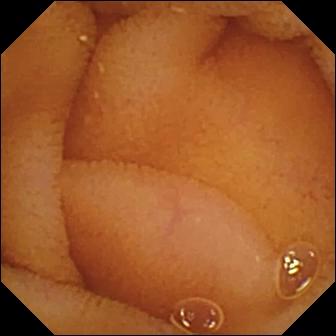PROCEDURE: Capsule endoscopy.
SEGMENT: Small intestine.
FINDINGS: Normal clean mucosa.